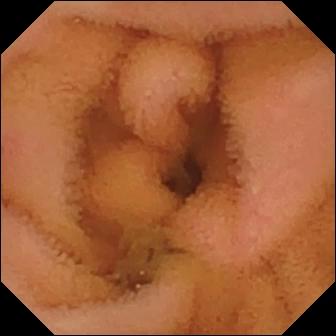{"modality": "wireless capsule endoscopy", "finding": "normal clean mucosa"}